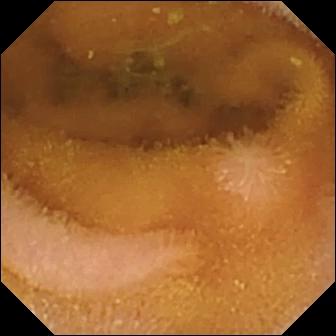{"modality": "video capsule endoscopy", "segment": "small bowel", "finding": "normal clean mucosa"}